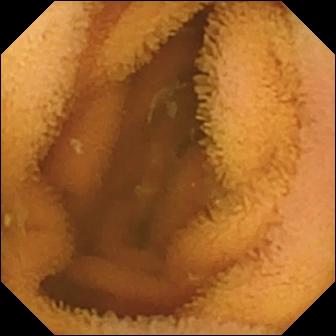modality: WCE; segment: small intestine; category: luminal finding; observation: normal clean mucosa